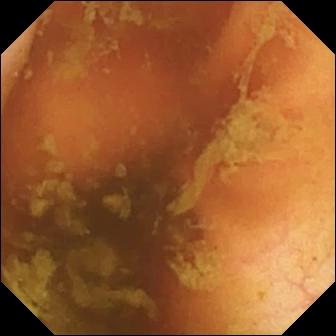Ileo-cecal valve region (the transition from the small bowel to the large bowel).